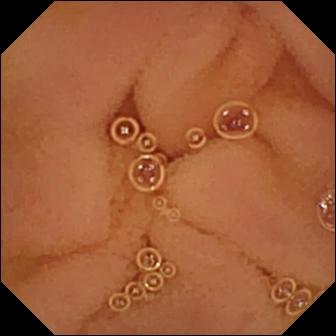Capsule endoscopy. Luminal finding. Impression: normal clean mucosa.